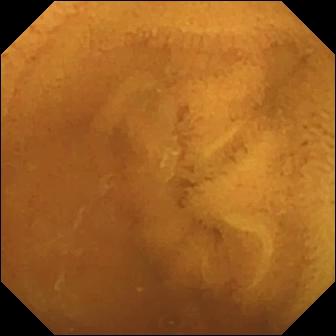- modality: capsule endoscopy
- segment: small intestine
- observation: normal clean mucosa